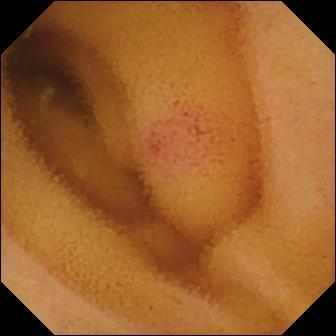Angiectasia — WCE frame.